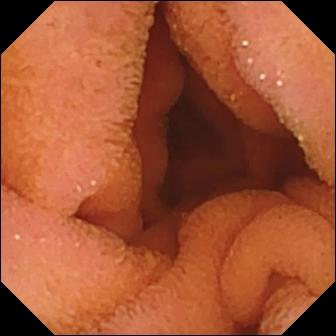PROCEDURE: Video capsule endoscopy.
SEGMENT: Small intestine.
FINDINGS: Normal clean mucosa.